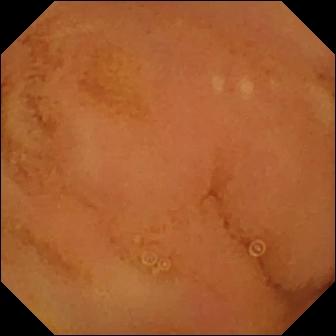Small-bowel capsule endoscopy still
Label: normal clean mucosa